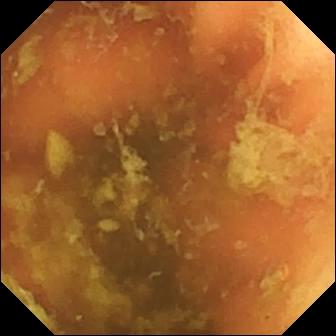Capsule endoscopy image, 336×336. Taken in the ileo-cecal valve region (the transition from the small bowel to the large bowel).